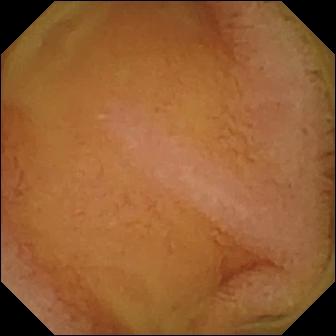- modality: small-bowel capsule endoscopy
- segment: small bowel
- category: luminal finding
- finding: normal clean mucosa